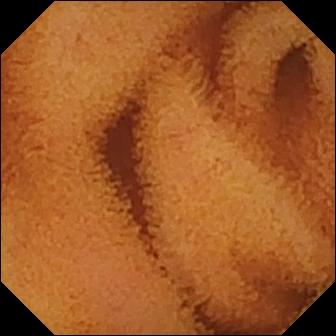Small-bowel capsule endoscopy image, small intestine
Finding: normal clean mucosa